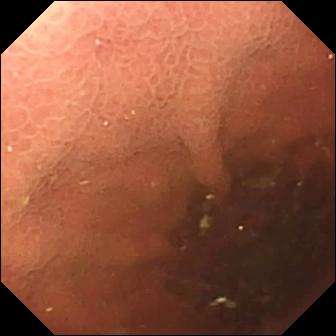Small-bowel capsule endoscopy — pylorus region (the junction between the stomach and the small bowel).